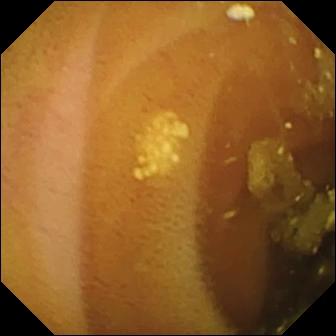Wireless capsule endoscopy frame
Impression: lymphangiectasia